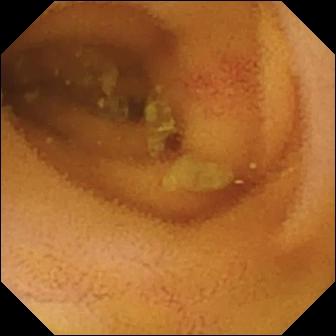Video capsule endoscopy — angiectasia.